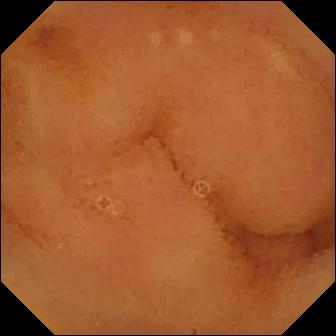- modality: small-bowel capsule endoscopy
- observation: normal clean mucosa